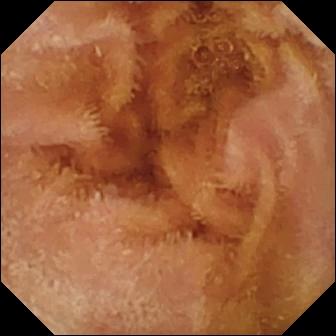PROCEDURE: WCE.
SEGMENT: Small intestine.
FINDINGS: Normal clean mucosa.